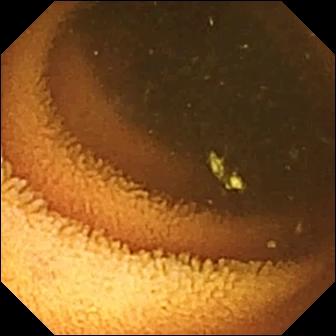This wireless capsule endoscopy snapshot of the small bowel shows normal clean mucosa.